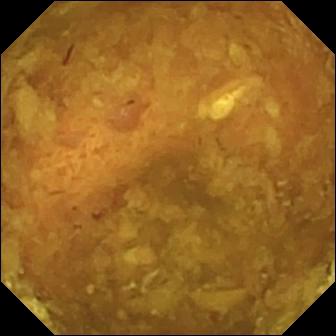Reduced mucosal view (content or bubbles obscuring the mucosa) — capsule endoscopy view.